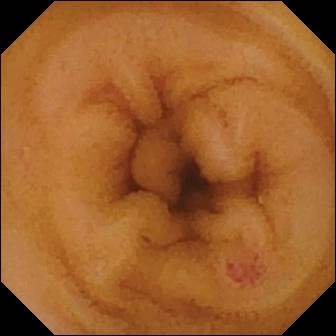Angiectasia — small-bowel capsule endoscopy image.